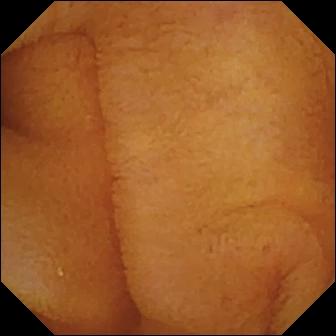Video capsule endoscopy image
Impression: normal clean mucosa